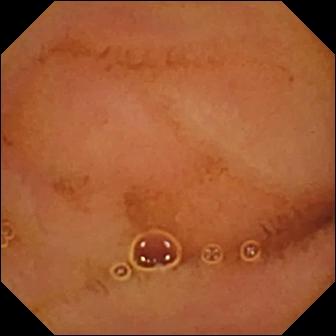- modality: small-bowel capsule endoscopy
- observation: normal clean mucosa